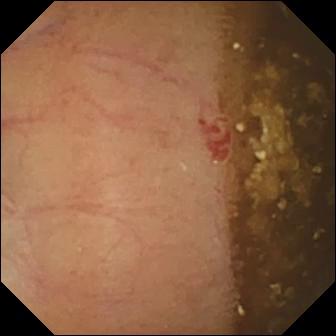- modality: VCE
- category: luminal finding
- impression: angiectasia